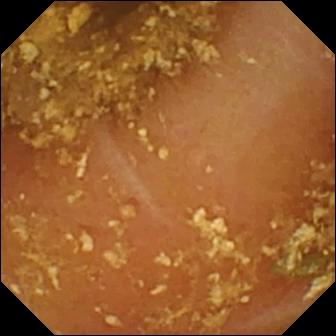Q: What does this video capsule endoscopy frame show?
A: Reduced mucosal view (content or bubbles obscuring the mucosa).